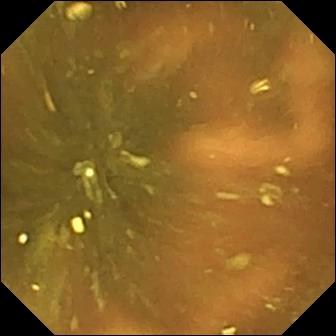Ileo-cecal valve region (the transition from the small bowel to the large bowel) — small-bowel capsule endoscopy frame.